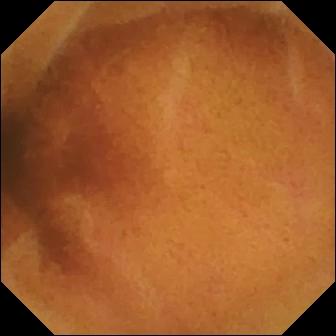- modality: capsule endoscopy
- finding: normal clean mucosa